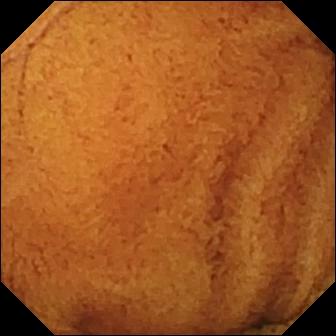Normal clean mucosa.